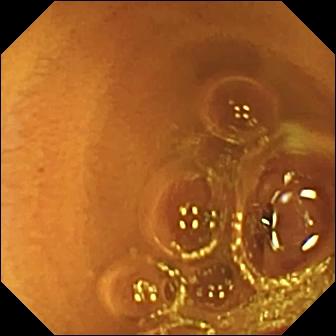- modality: WCE
- category: luminal finding
- label: normal clean mucosa